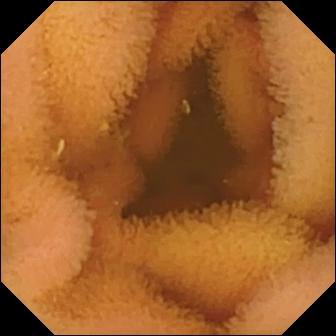Normal clean mucosa — WCE image.